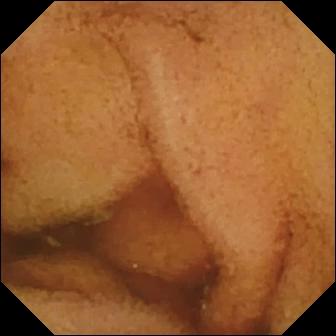VCE frame taken in the ileo-cecal valve region.